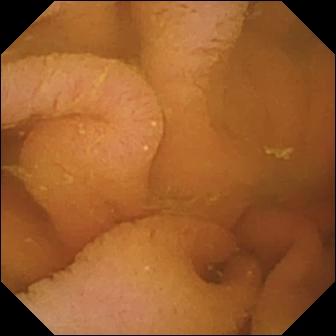Normal clean mucosa.